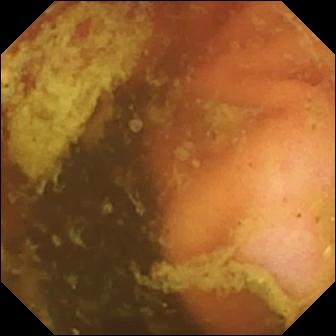VCE — ileo-cecal valve region (where the capsule passes from the small bowel into the large bowel).